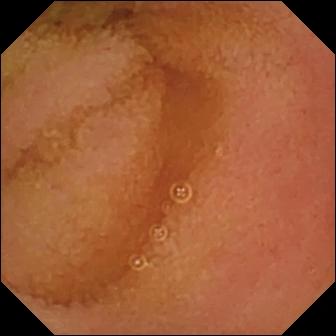Q: What does this wireless capsule endoscopy view of the small bowel show?
A: Normal clean mucosa.